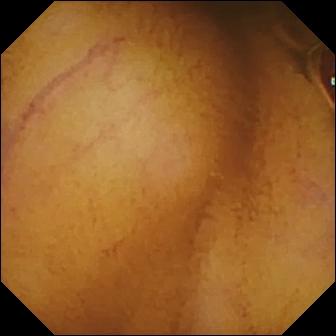- modality: video capsule endoscopy
- impression: normal clean mucosa